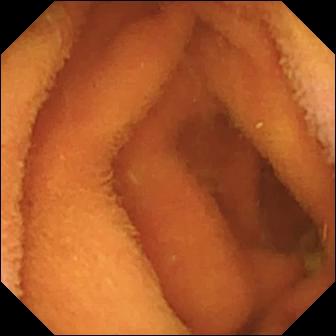{"modality": "VCE", "finding": "normal clean mucosa"}